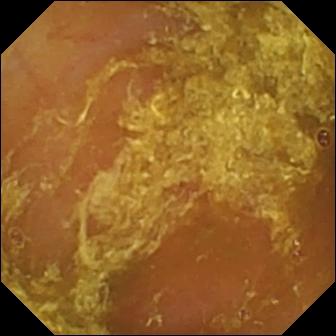Capsule endoscopy. Small intestine. Luminal finding. Impression: reduced mucosal view (content or bubbles obscuring the mucosa).